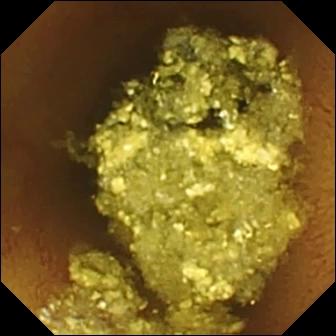Small-bowel capsule endoscopy snapshot of the small intestine showing normal clean mucosa.